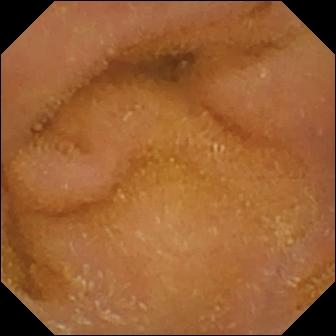Capsule endoscopy image. Normal clean mucosa.